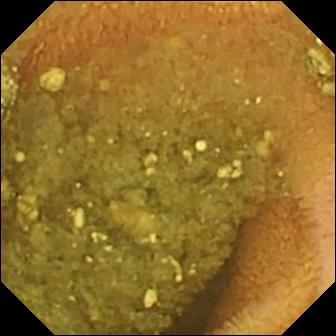This capsule endoscopy image of the small intestine shows reduced mucosal view (content or bubbles obscuring the mucosa).